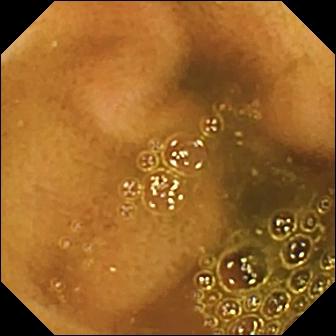Ileo-cecal valve region (the transition from the small bowel to the large bowel) — capsule endoscopy snapshot.